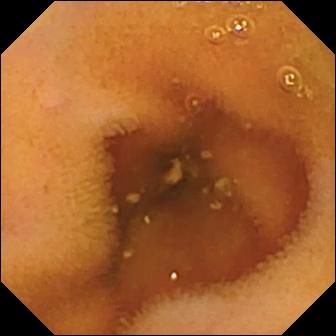{"modality": "WCE", "segment": "small intestine", "finding": "normal clean mucosa"}